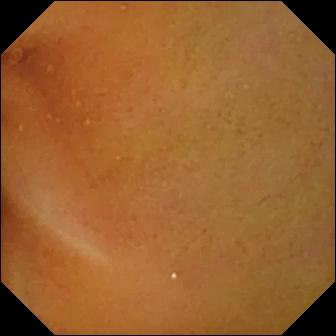PROCEDURE: Small-bowel capsule endoscopy.
SEGMENT: Small intestine.
FINDINGS: Normal clean mucosa.